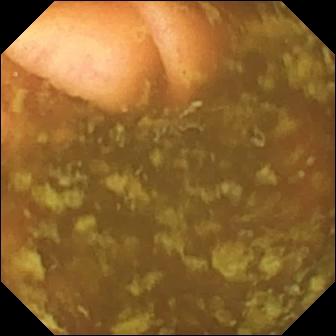PROCEDURE: VCE.
POSITION: Ileo-cecal valve region (where the capsule passes from the small bowel into the large bowel).